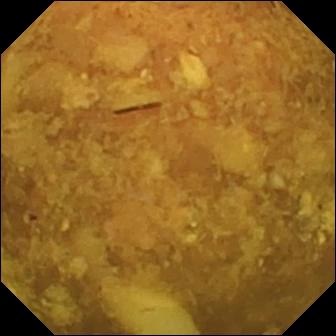Small-bowel capsule endoscopy — reduced mucosal view (content or bubbles obscuring the mucosa).